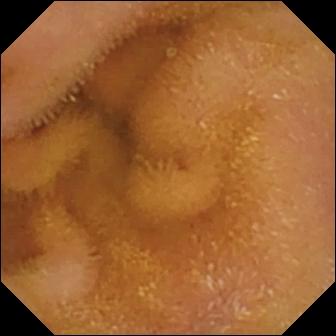This capsule endoscopy frame of the small intestine shows normal clean mucosa.